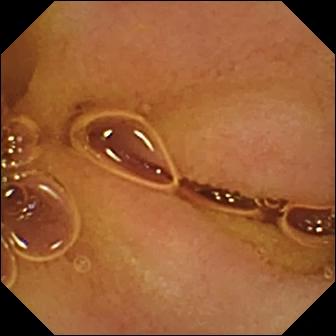{"modality": "small-bowel capsule endoscopy", "segment": "small bowel", "finding": "normal clean mucosa"}